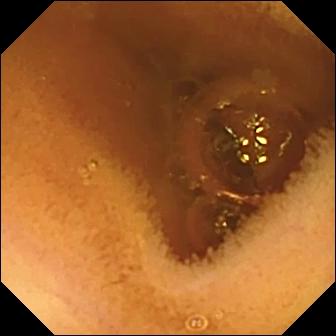Normal clean mucosa — small-bowel capsule endoscopy view of the small bowel.